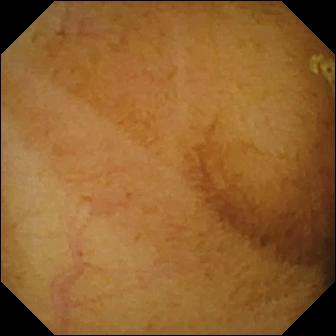Small-bowel capsule endoscopy view showing normal clean mucosa.